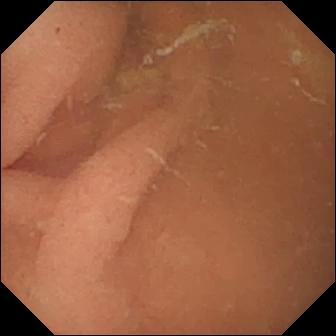Video capsule endoscopy. Finding: normal clean mucosa.